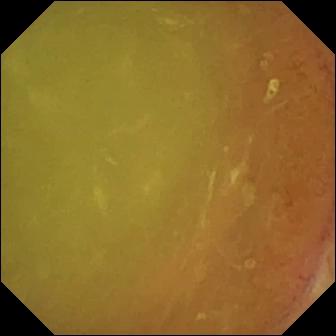Video capsule endoscopy image (small bowel). Normal clean mucosa.